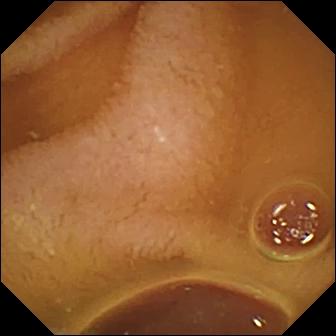modality: small-bowel capsule endoscopy | segment: small bowel | category: luminal finding | finding: normal clean mucosa